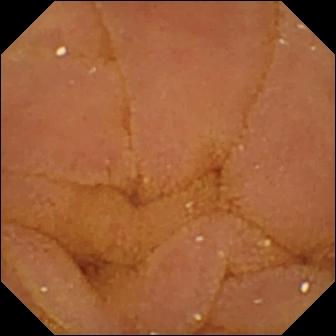Wireless capsule endoscopy. Observation: normal clean mucosa.